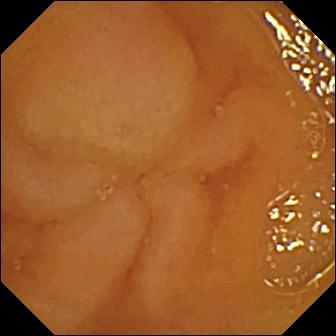Normal clean mucosa — WCE image of the small intestine.